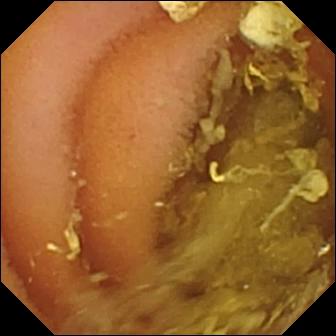This VCE still shows normal clean mucosa.